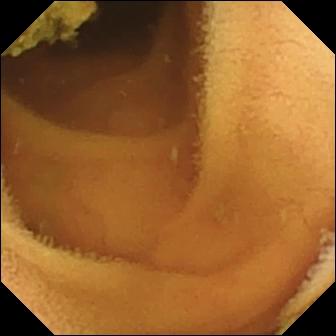Normal clean mucosa — wireless capsule endoscopy view.